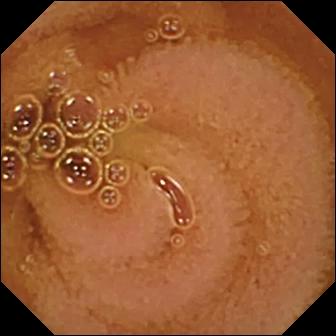Wireless capsule endoscopy — normal clean mucosa.